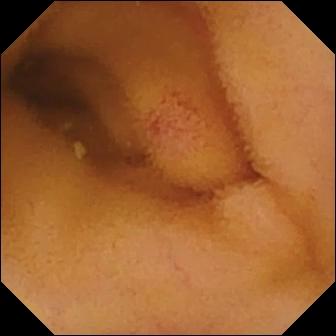- modality: capsule endoscopy
- label: angiectasia